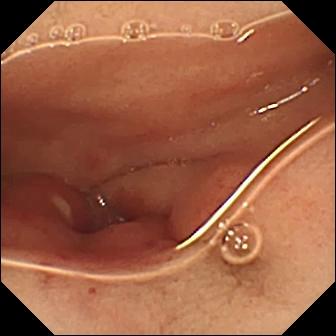This small-bowel capsule endoscopy snapshot shows ulcer.